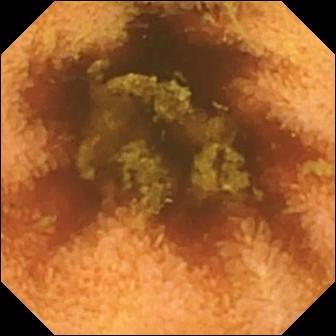Normal clean mucosa — video capsule endoscopy snapshot.